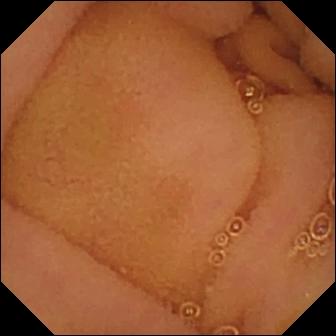Small-bowel capsule endoscopy frame showing normal clean mucosa.